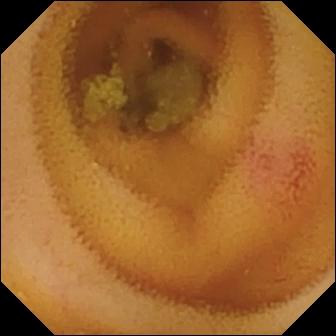PROCEDURE: Capsule endoscopy.
FINDINGS: Angiectasia.